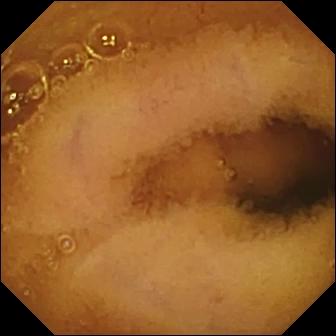Normal clean mucosa — VCE view.